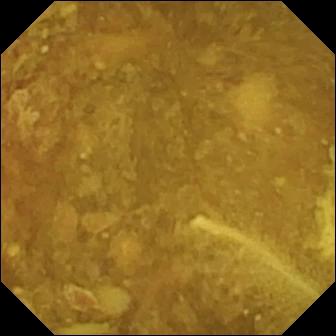Capsule endoscopy view, small intestine
Impression: reduced mucosal view (content or bubbles obscuring the mucosa)